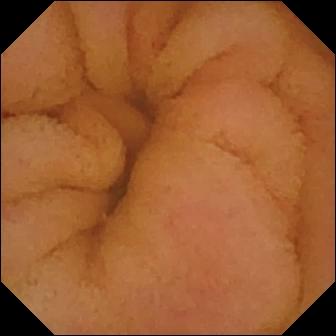modality: wireless capsule endoscopy
observation: normal clean mucosa